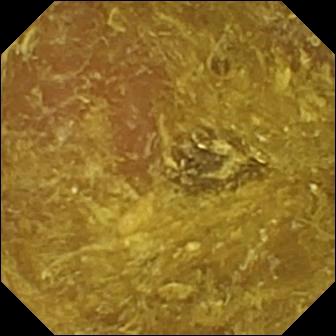This WCE snapshot of the small intestine shows reduced mucosal view (content or bubbles obscuring the mucosa).